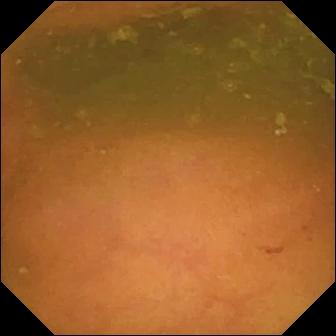Small-bowel capsule endoscopy still
Label: ileo-cecal valve region (where the capsule passes from the small bowel into the large bowel)